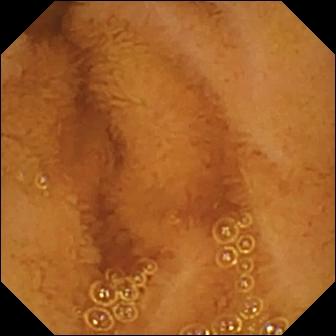modality: small-bowel capsule endoscopy; segment: small bowel; label: normal clean mucosa